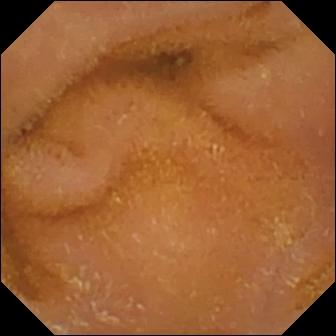Capsule endoscopy. Small intestine. Luminal finding. Observation: normal clean mucosa.